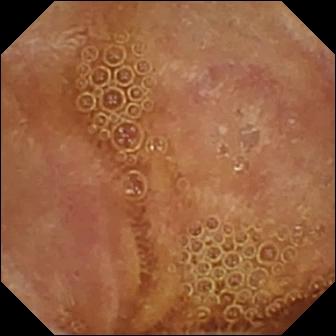modality: video capsule endoscopy | label: normal clean mucosa